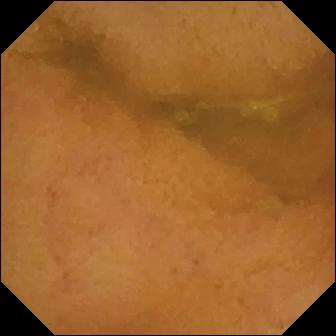{"modality": "small-bowel capsule endoscopy", "finding": "normal clean mucosa"}